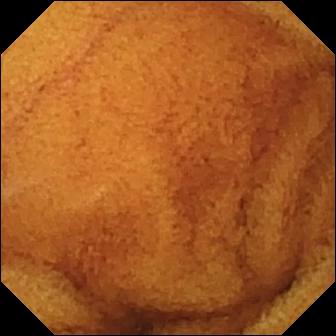Normal clean mucosa — wireless capsule endoscopy view.